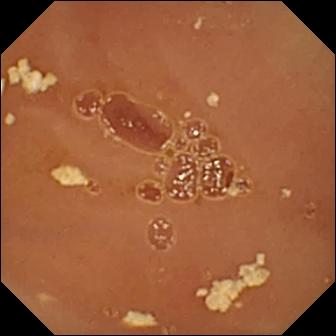Video capsule endoscopy — normal clean mucosa.